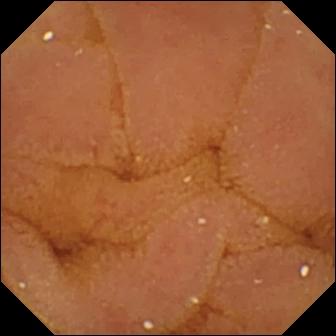Wireless capsule endoscopy still
Impression: normal clean mucosa